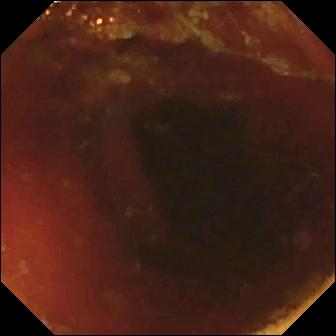VCE snapshot
Video segment: ileo-cecal valve region